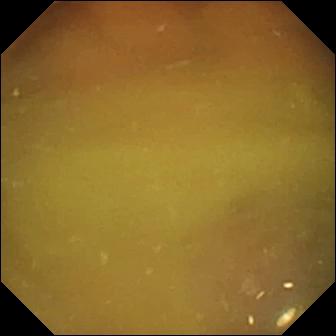modality: VCE; segment: small bowel; category: luminal finding; label: normal clean mucosa